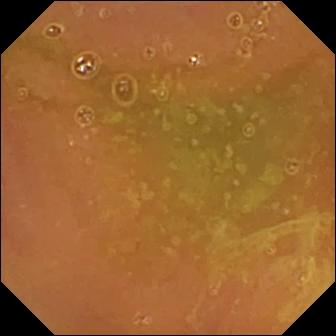{"modality": "video capsule endoscopy", "segment": "small bowel", "finding": "normal clean mucosa"}